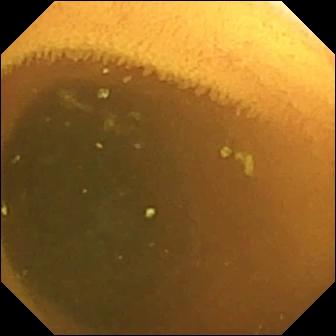VCE frame of the small intestine showing normal clean mucosa.